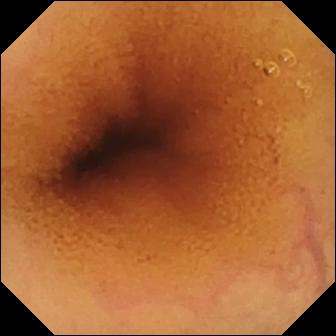Video capsule endoscopy snapshot
Label: normal clean mucosa